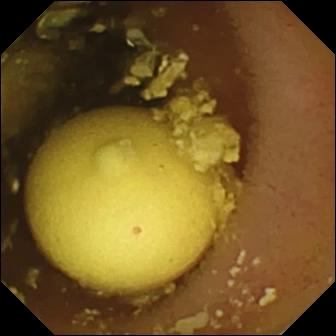VCE. Luminal finding. Label: foreign body (e.g. retained capsule, tablet residue).